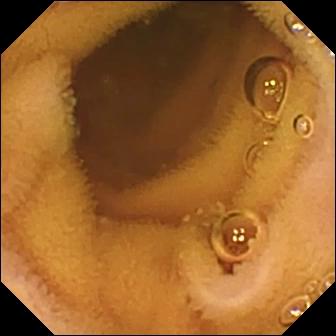VCE. Small intestine. Luminal finding. Finding: normal clean mucosa.